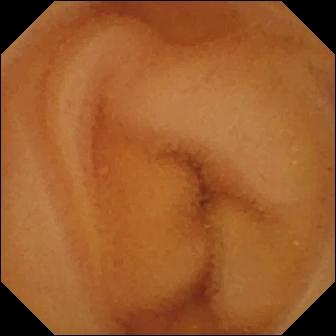modality: wireless capsule endoscopy | label: normal clean mucosa